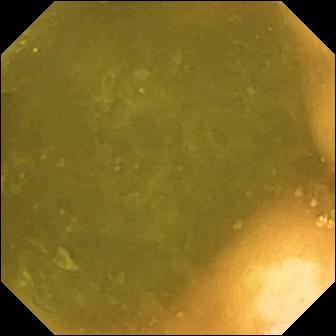modality: small-bowel capsule endoscopy
position: ileo-cecal valve region (the transition from the small bowel to the large bowel)